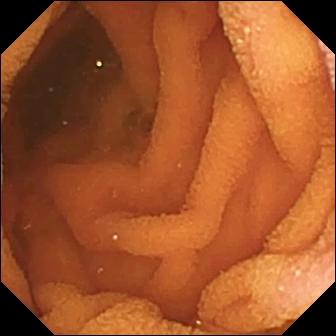Small-bowel capsule endoscopy frame (small bowel), 336×336. Normal clean mucosa.